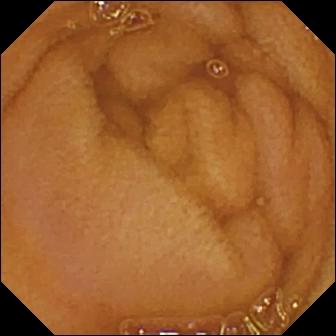Normal clean mucosa — video capsule endoscopy image of the small bowel.